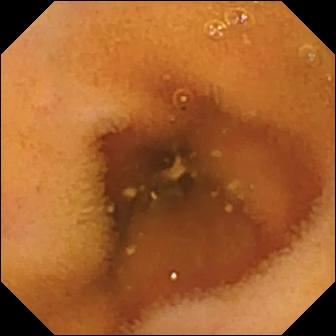Video capsule endoscopy. Small bowel. Finding: normal clean mucosa.